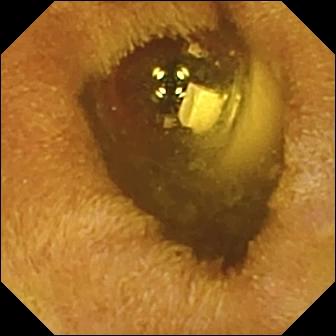Foreign body (e.g. retained capsule, tablet residue) — video capsule endoscopy snapshot.